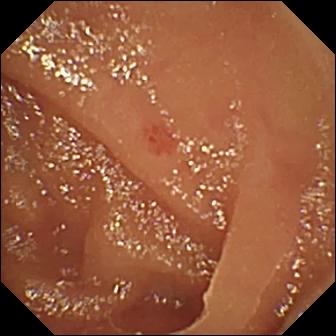Wireless capsule endoscopy. Label: angiectasia.